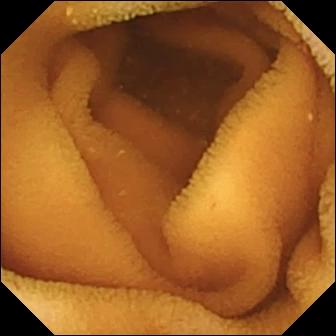Q: What does this capsule endoscopy frame show?
A: Normal clean mucosa.